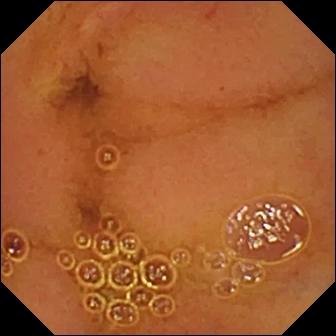- modality: wireless capsule endoscopy
- segment: small bowel
- finding: normal clean mucosa